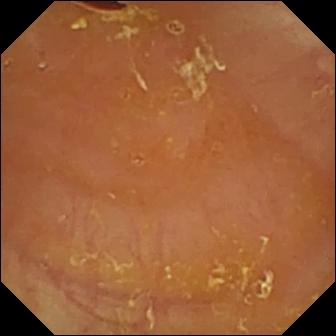WCE snapshot
Observation: reduced mucosal view (content or bubbles obscuring the mucosa)